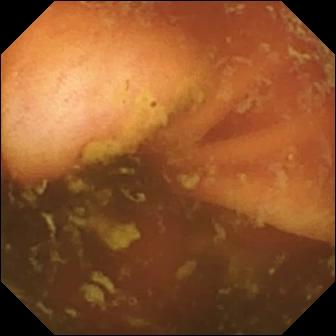Ileo-cecal valve region.